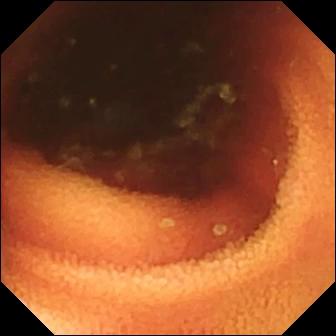modality: small-bowel capsule endoscopy | label: ileo-cecal valve region